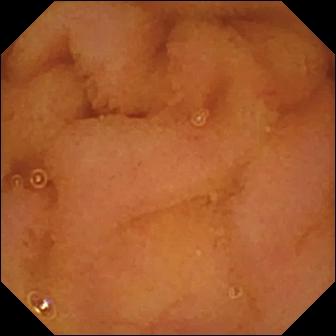This video capsule endoscopy snapshot shows normal clean mucosa.